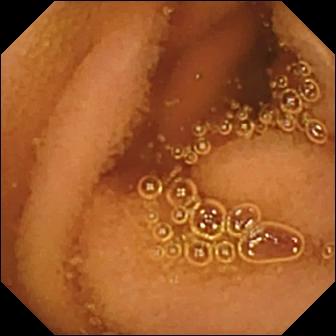Q: What does this video capsule endoscopy image show?
A: Normal clean mucosa.